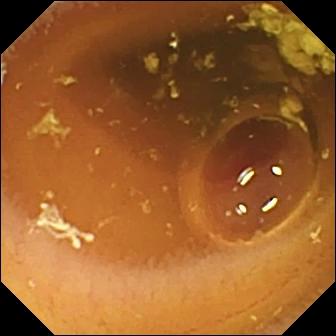Small-bowel capsule endoscopy — normal clean mucosa.